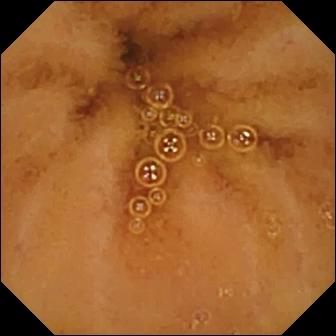{"modality": "VCE", "segment": "small bowel", "finding": "normal clean mucosa"}